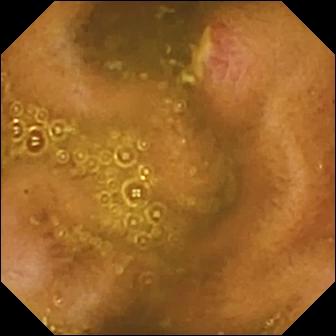Video capsule endoscopy still. Ulcer.